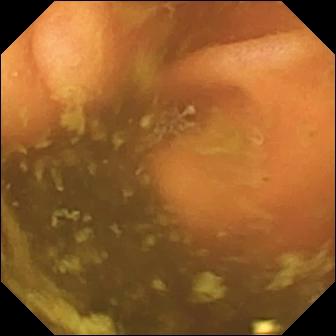- modality: small-bowel capsule endoscopy
- label: ileo-cecal valve region (where the capsule passes from the small bowel into the large bowel)